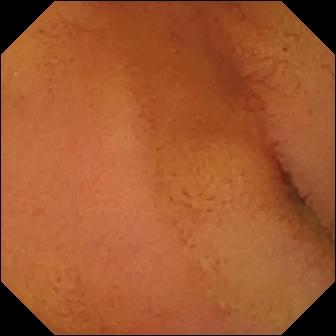Small-bowel capsule endoscopy image. Normal clean mucosa.